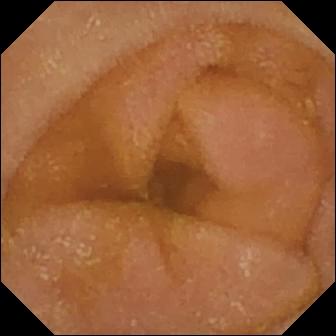{"modality": "VCE", "finding": "normal clean mucosa"}